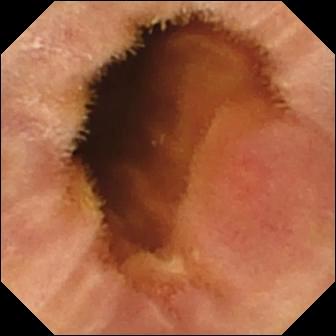PROCEDURE: Small-bowel capsule endoscopy.
FINDINGS: Erosion.